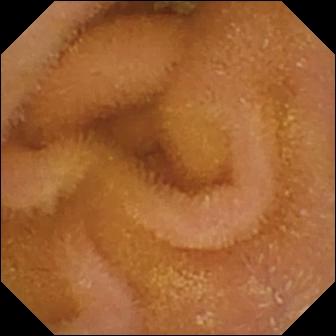WCE. Small bowel. Label: normal clean mucosa.